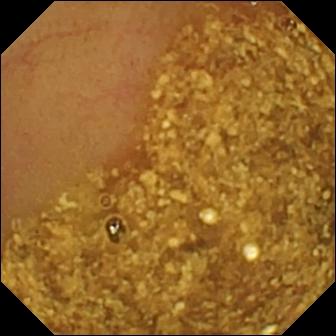This wireless capsule endoscopy frame was taken in the ileo-cecal valve region (the transition from the small bowel to the large bowel).